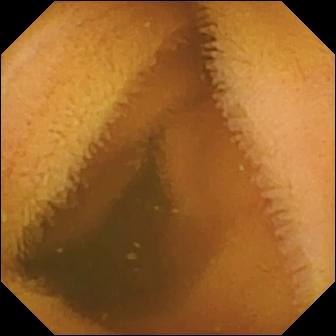Q: What does this video capsule endoscopy frame show?
A: Normal clean mucosa.